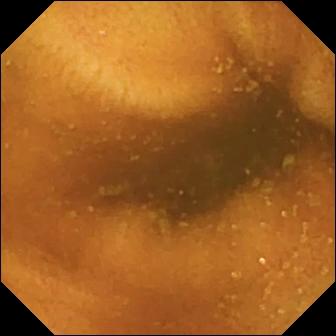This VCE image of the small intestine shows normal clean mucosa.